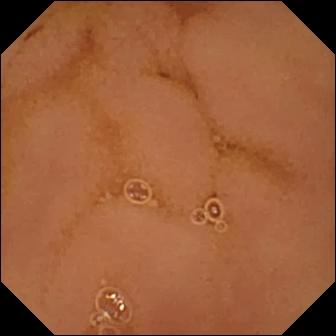VCE — normal clean mucosa.